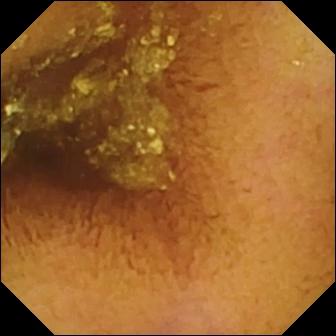WCE still
Finding: normal clean mucosa